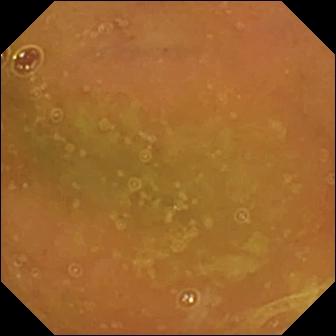- modality: small-bowel capsule endoscopy
- segment: small bowel
- category: luminal finding
- label: normal clean mucosa